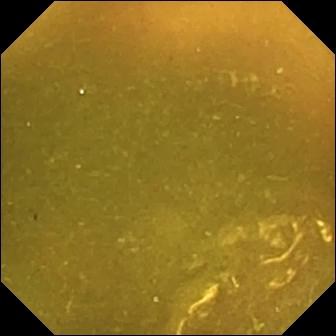Capsule endoscopy — ileo-cecal valve region.